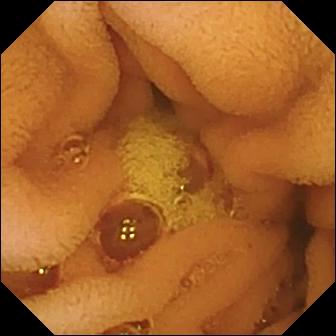Normal clean mucosa — capsule endoscopy frame.